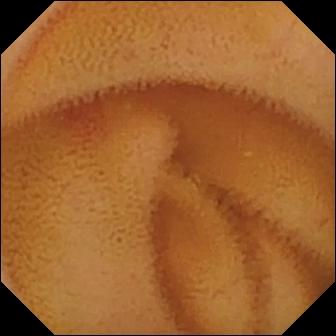- modality: WCE
- finding: angiectasia